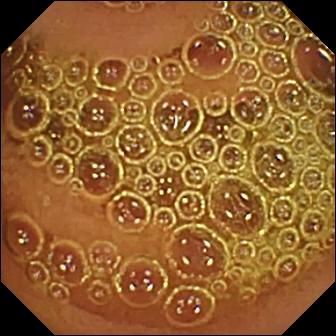PROCEDURE: VCE.
SEGMENT: Small bowel.
FINDINGS: Normal clean mucosa.